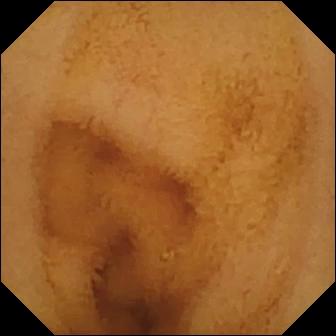VCE — normal clean mucosa.